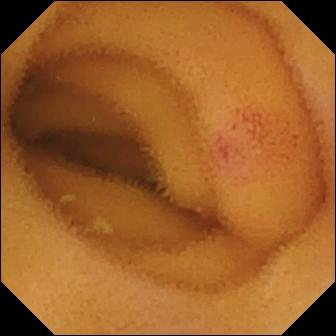PROCEDURE: Wireless capsule endoscopy.
FINDINGS: Angiectasia.